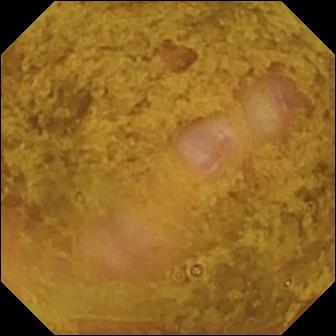WCE frame taken in the ileo-cecal valve region (where the capsule passes from the small bowel into the large bowel).